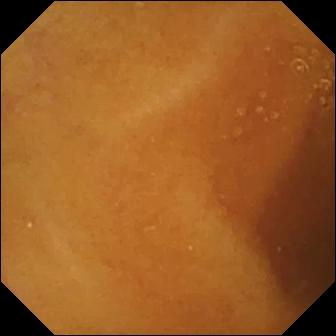Normal clean mucosa.